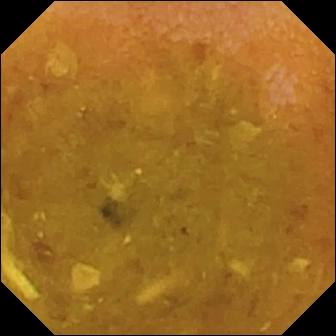Reduced mucosal view (content or bubbles obscuring the mucosa).